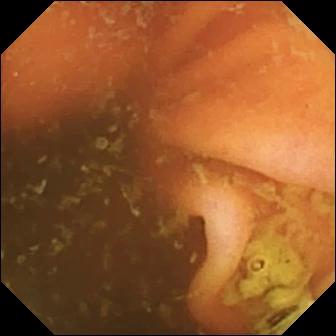Video capsule endoscopy. Near an anatomical landmark. Label: ileo-cecal valve region.